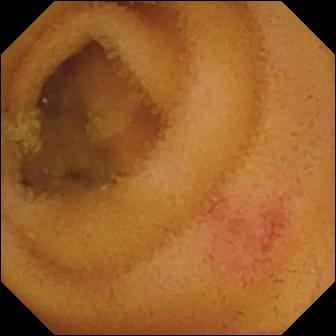Angiectasia.